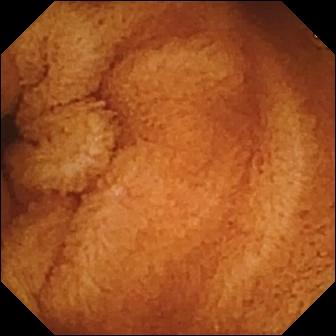Video capsule endoscopy. Observation: normal clean mucosa.